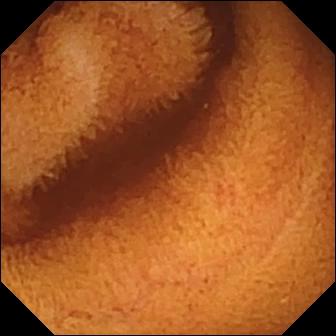WCE still (small intestine). Normal clean mucosa.